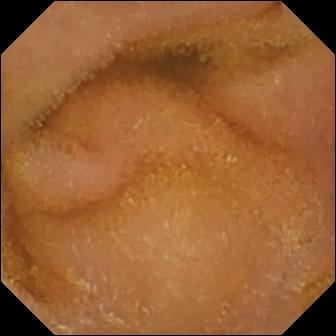Q: What does this VCE image of the small intestine show?
A: Normal clean mucosa.